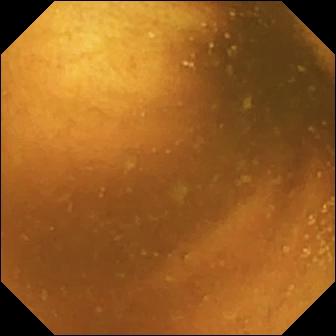Capsule endoscopy. Finding: normal clean mucosa.